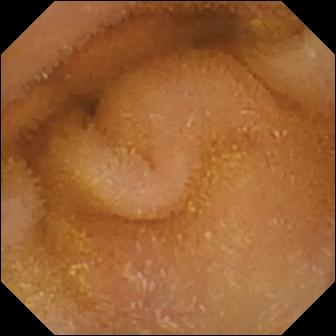Normal clean mucosa.